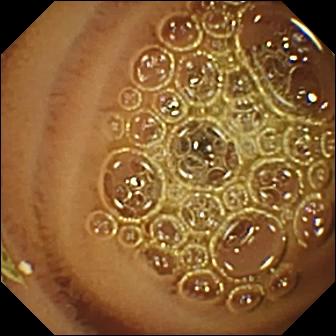modality: wireless capsule endoscopy | finding: normal clean mucosa